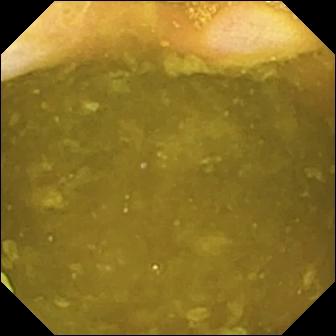VCE — ileo-cecal valve region (where the capsule passes from the small bowel into the large bowel).